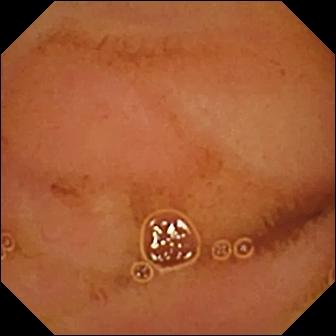Small-bowel capsule endoscopy — normal clean mucosa.